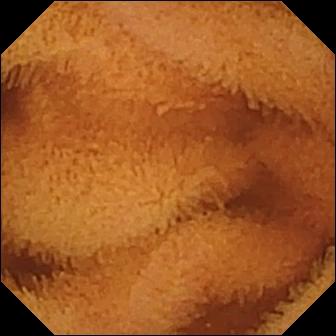- modality: VCE
- segment: small bowel
- impression: normal clean mucosa